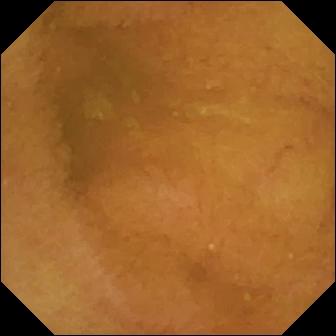PROCEDURE: Wireless capsule endoscopy.
SEGMENT: Small bowel.
FINDINGS: Normal clean mucosa.